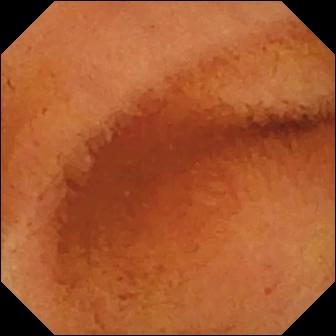Q: What does this video capsule endoscopy still of the small bowel show?
A: Normal clean mucosa.